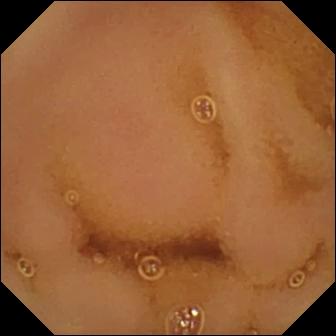Wireless capsule endoscopy — normal clean mucosa.